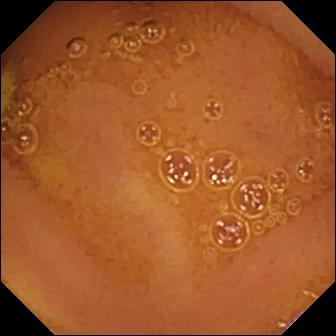Small-bowel capsule endoscopy image
Observation: normal clean mucosa